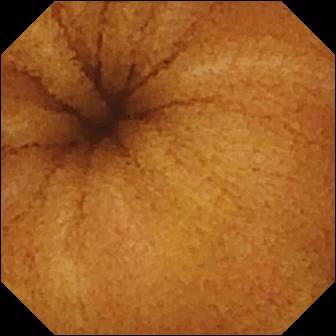Normal clean mucosa.